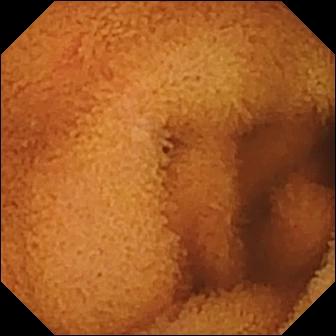PROCEDURE: Wireless capsule endoscopy.
SEGMENT: Small bowel.
FINDINGS: Normal clean mucosa.